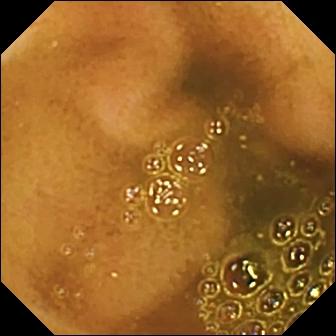Capsule endoscopy still taken in the ileo-cecal valve region (the transition from the small bowel to the large bowel).